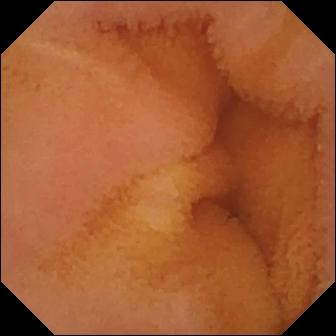Capsule endoscopy still, small intestine
Observation: normal clean mucosa